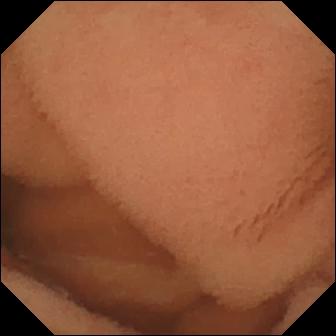Capsule endoscopy — normal clean mucosa.